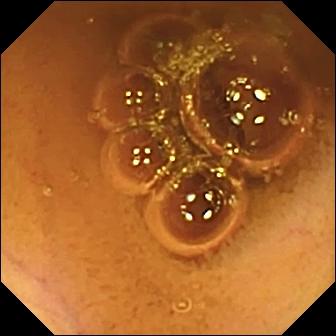Small-bowel capsule endoscopy — normal clean mucosa.